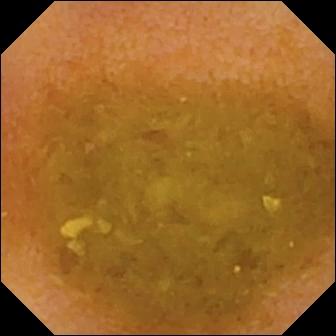Wireless capsule endoscopy view of the small intestine showing reduced mucosal view (content or bubbles obscuring the mucosa).